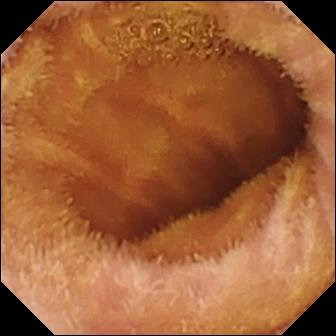This WCE image of the small intestine shows normal clean mucosa.